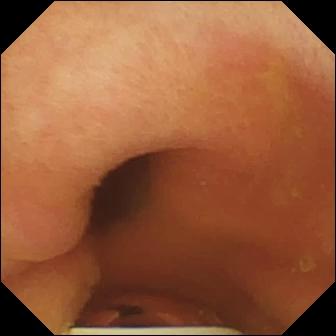Capsule endoscopy. Label: foreign body (e.g. retained capsule, tablet residue).